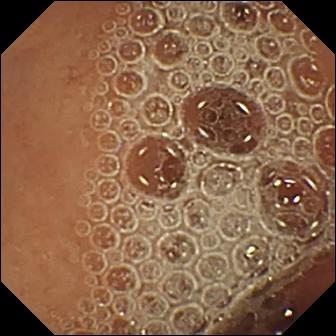WCE view showing normal clean mucosa.